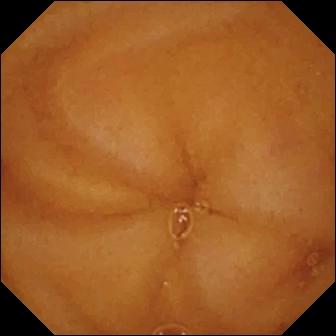VCE view. Normal clean mucosa.